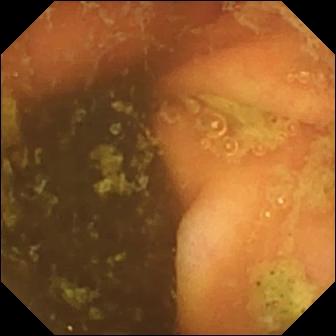Q: Where in the digestive tract was this VCE still taken?
A: Ileo-cecal valve region.